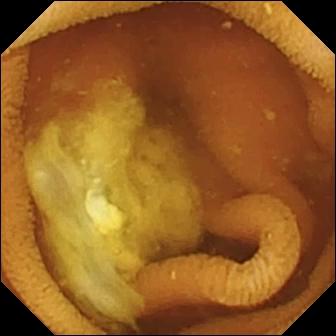{"modality": "small-bowel capsule endoscopy", "segment": "small bowel", "finding": "normal clean mucosa"}